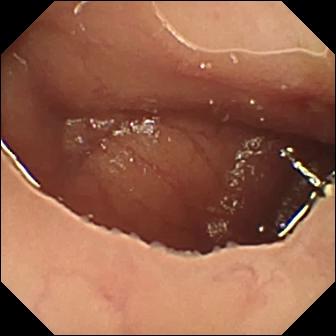Q: What does this VCE view show?
A: Ulcer.